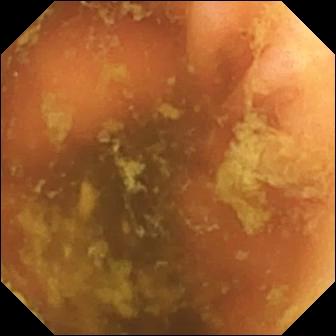- modality: small-bowel capsule endoscopy
- category: anatomical landmark
- location: ileo-cecal valve region (the transition from the small bowel to the large bowel)